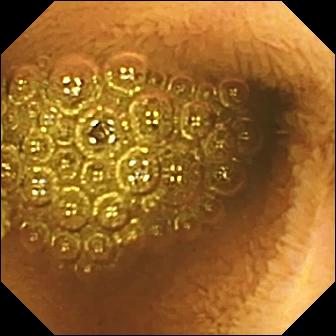modality: VCE | category: luminal finding | finding: reduced mucosal view (content or bubbles obscuring the mucosa)